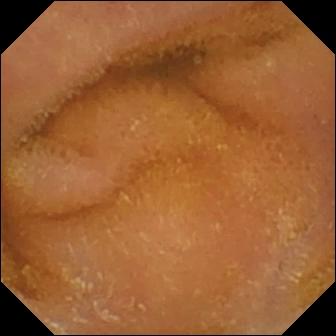PROCEDURE: Capsule endoscopy.
SEGMENT: Small intestine.
FINDINGS: Normal clean mucosa.